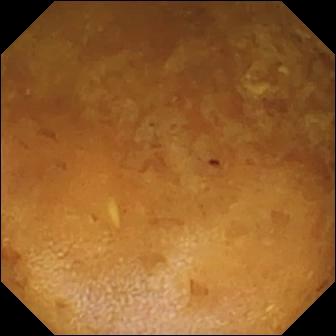Wireless capsule endoscopy — reduced mucosal view (content or bubbles obscuring the mucosa).